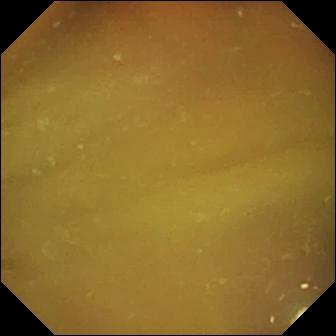VCE image, small intestine
Impression: normal clean mucosa